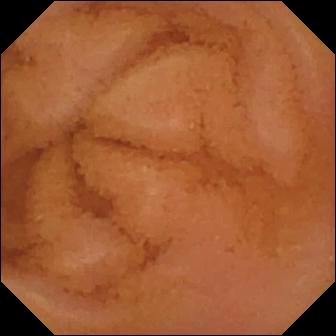Small-bowel capsule endoscopy snapshot, small intestine
Label: normal clean mucosa